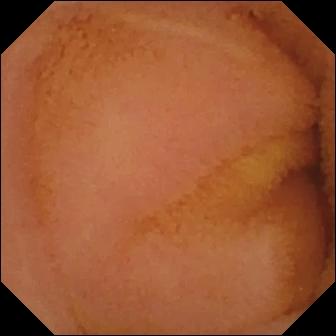This capsule endoscopy frame shows normal clean mucosa.